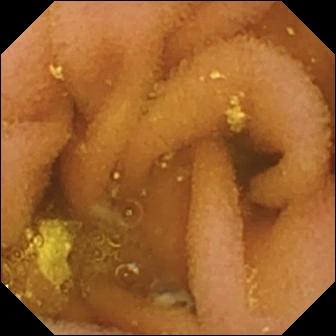Q: What does this VCE view show?
A: Lymphangiectasia.